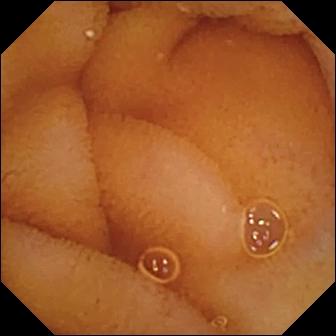PROCEDURE: Capsule endoscopy.
FINDINGS: Normal clean mucosa.